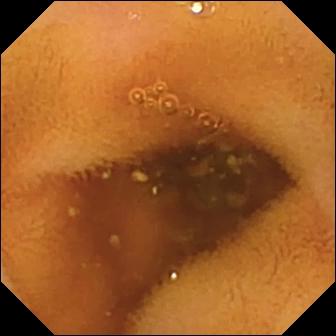This VCE still of the small bowel shows normal clean mucosa.